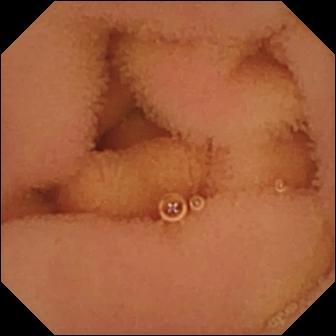VCE — normal clean mucosa.